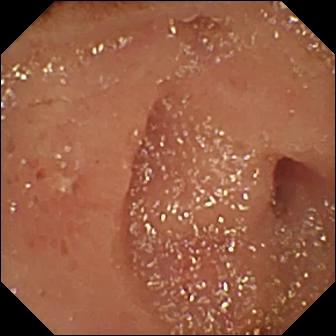{"modality": "small-bowel capsule endoscopy", "category": "luminal finding", "finding": "erosion"}